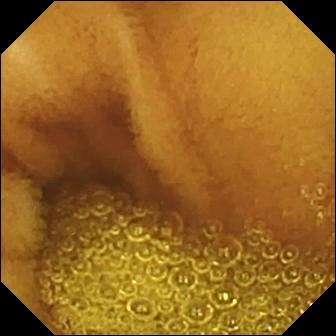Video capsule endoscopy. Impression: normal clean mucosa.